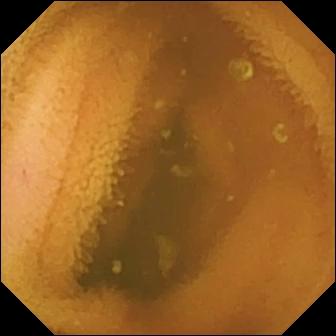- modality: small-bowel capsule endoscopy
- segment: small intestine
- impression: normal clean mucosa